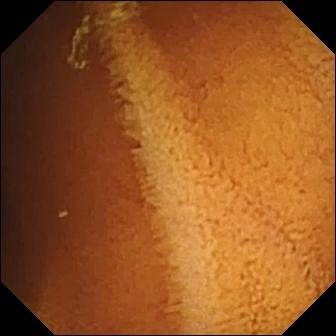Q: What does this VCE image of the small bowel show?
A: Normal clean mucosa.